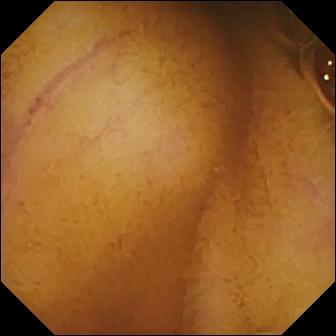This capsule endoscopy view shows normal clean mucosa.